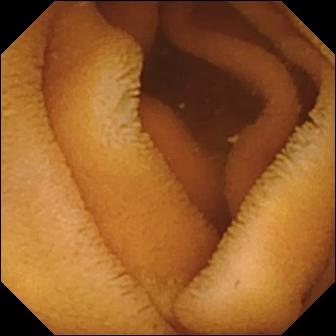- modality: WCE
- segment: small intestine
- category: luminal finding
- impression: normal clean mucosa